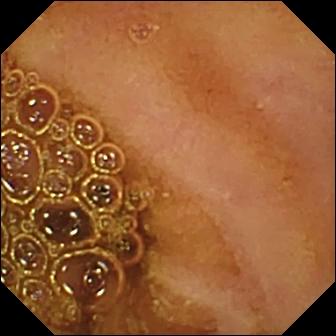Small-bowel capsule endoscopy still (small bowel). Normal clean mucosa.